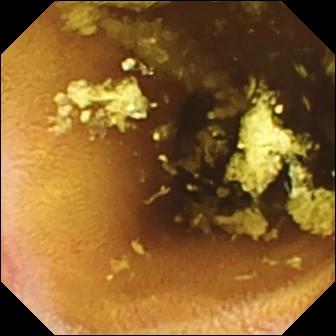Erosion — VCE still.